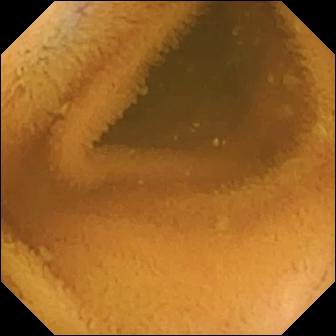Small-bowel capsule endoscopy image of the small bowel showing normal clean mucosa.